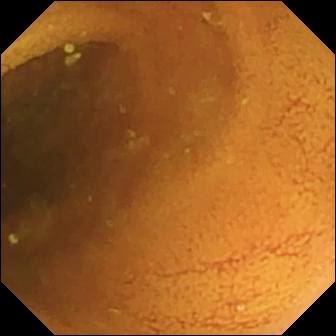Wireless capsule endoscopy snapshot showing normal clean mucosa.